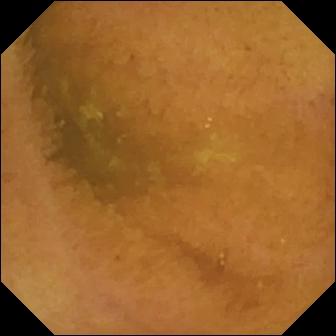This video capsule endoscopy frame of the small intestine shows normal clean mucosa.